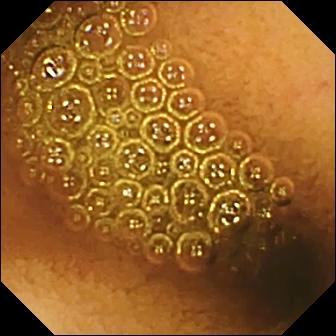Small-bowel capsule endoscopy — reduced mucosal view (content or bubbles obscuring the mucosa).